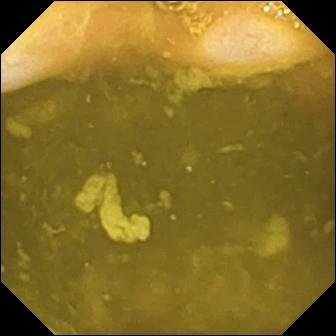PROCEDURE: Video capsule endoscopy.
VIDEO SEGMENT: Ileo-cecal valve region.